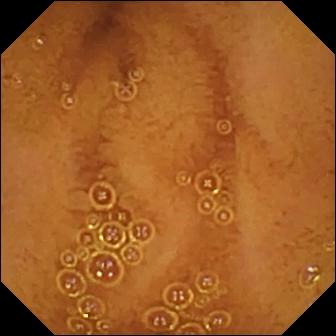Video capsule endoscopy snapshot of the small intestine showing normal clean mucosa.